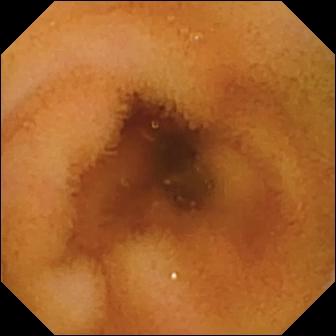Q: What does this capsule endoscopy frame of the small bowel show?
A: Normal clean mucosa.